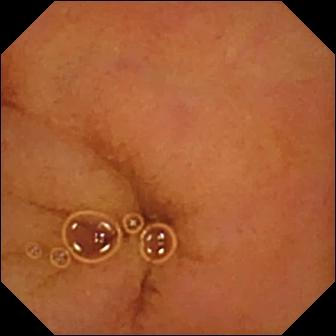Wireless capsule endoscopy. Small intestine. Finding: normal clean mucosa.